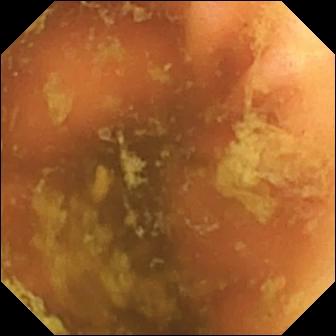PROCEDURE: WCE.
VIDEO SEGMENT: Ileo-cecal valve region (the transition from the small bowel to the large bowel).